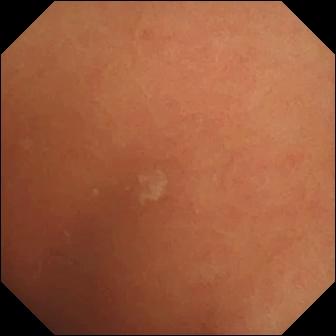VCE — normal clean mucosa.